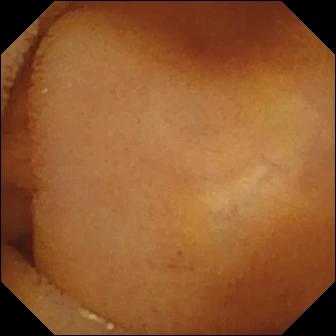Q: What does this video capsule endoscopy image of the small intestine show?
A: Normal clean mucosa.